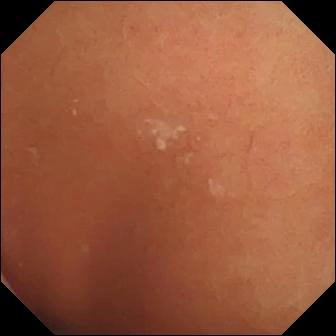This capsule endoscopy snapshot shows normal clean mucosa.